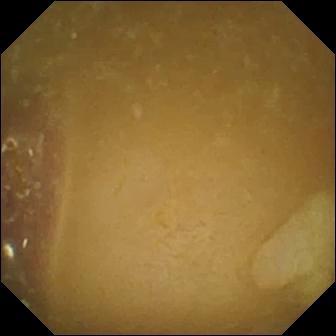modality: capsule endoscopy
position: ileo-cecal valve region